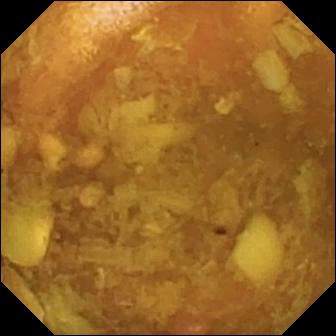Q: What does this video capsule endoscopy view of the small bowel show?
A: Reduced mucosal view (content or bubbles obscuring the mucosa).